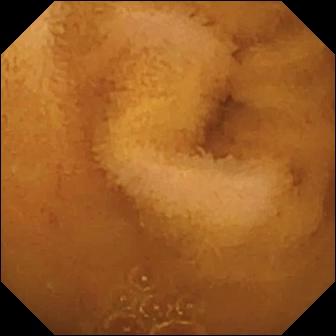WCE snapshot
Observation: normal clean mucosa